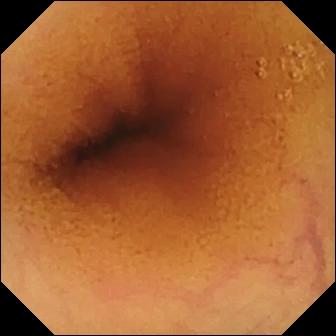WCE snapshot of the small bowel showing normal clean mucosa.